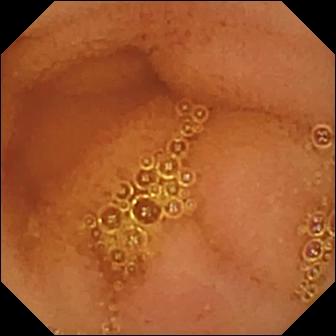- modality: VCE
- observation: normal clean mucosa